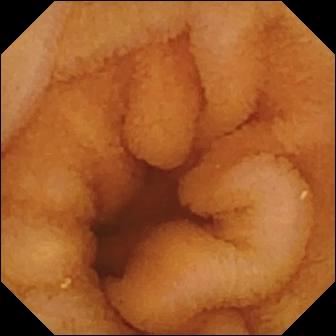Normal clean mucosa — wireless capsule endoscopy frame of the small bowel.